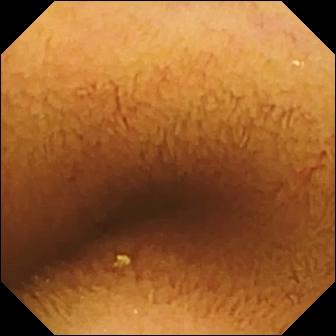Video capsule endoscopy still
Impression: normal clean mucosa